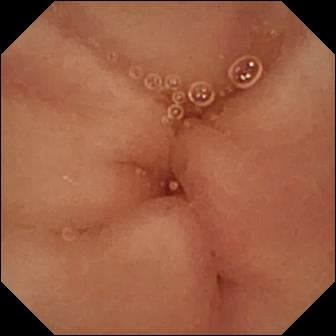{"modality": "capsule endoscopy", "category": "anatomical landmark", "location": "pylorus region (where the capsule passes from the stomach into the small bowel)"}